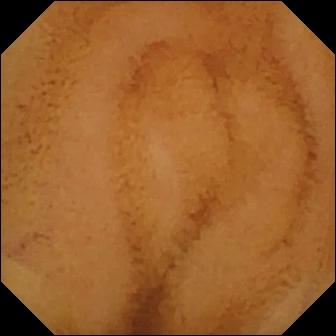WCE. Small bowel. Label: normal clean mucosa.